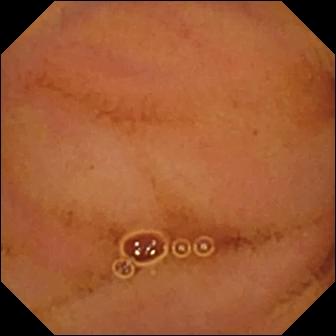modality: VCE
observation: normal clean mucosa